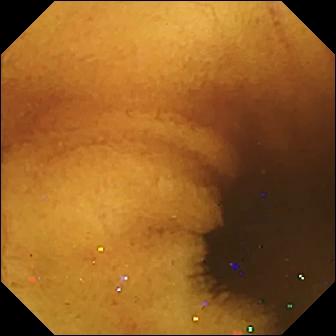Q: What does this WCE view show?
A: Normal clean mucosa.